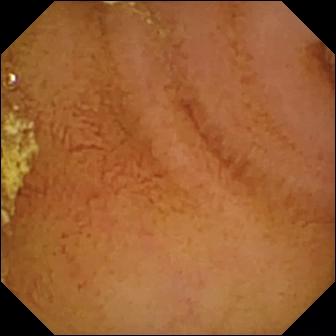{"modality": "VCE", "segment": "small bowel", "category": "luminal finding", "finding": "normal clean mucosa"}